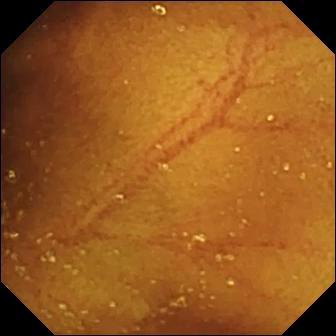Wireless capsule endoscopy. Label: ileo-cecal valve region (where the capsule passes from the small bowel into the large bowel).